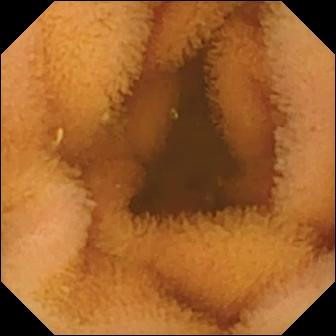Wireless capsule endoscopy. Impression: normal clean mucosa.